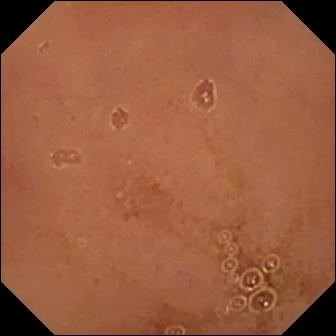WCE still showing normal clean mucosa.